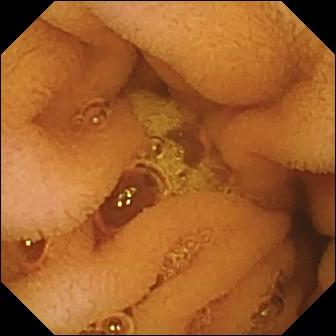WCE — normal clean mucosa.